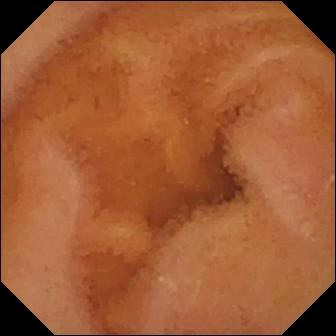This capsule endoscopy frame of the small intestine shows normal clean mucosa.